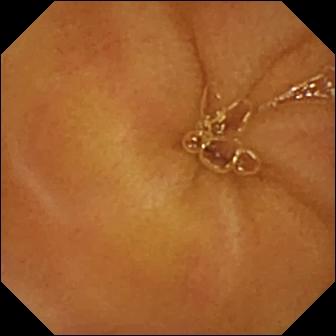{"modality": "video capsule endoscopy", "segment": "small intestine", "finding": "normal clean mucosa"}